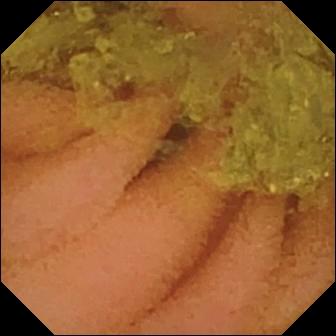{"modality": "video capsule endoscopy", "segment": "small intestine", "category": "luminal finding", "finding": "normal clean mucosa"}